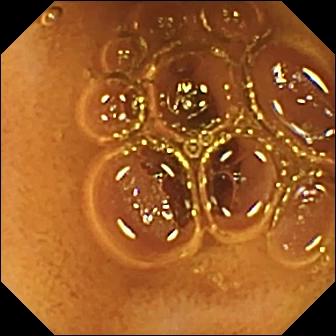{"modality": "small-bowel capsule endoscopy", "finding": "normal clean mucosa"}